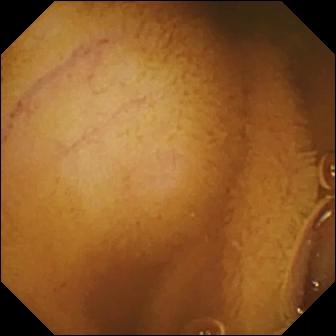Wireless capsule endoscopy image
Label: normal clean mucosa